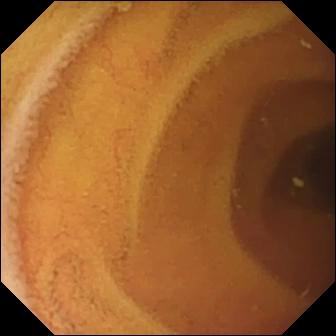- modality: wireless capsule endoscopy
- segment: small bowel
- finding: normal clean mucosa